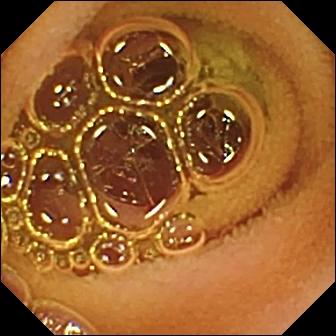PROCEDURE: Wireless capsule endoscopy.
SEGMENT: Small bowel.
FINDINGS: Normal clean mucosa.